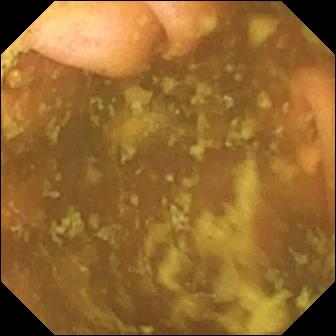Video capsule endoscopy snapshot taken in the ileo-cecal valve region (where the capsule passes from the small bowel into the large bowel).